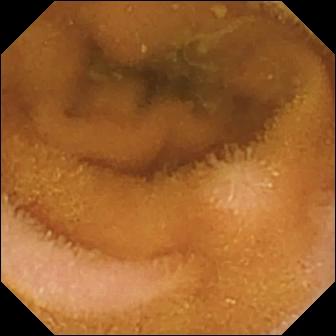- modality: VCE
- segment: small bowel
- observation: normal clean mucosa